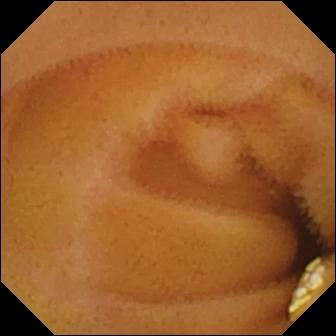Small-bowel capsule endoscopy. Luminal finding. Label: lymphangiectasia.